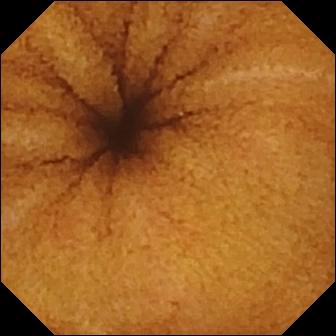Video capsule endoscopy still, small intestine
Label: normal clean mucosa